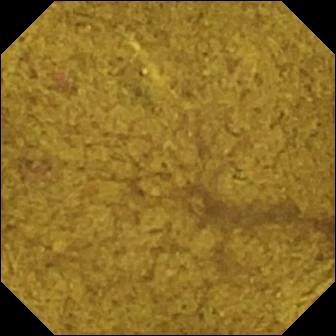WCE — ileo-cecal valve region (the transition from the small bowel to the large bowel).